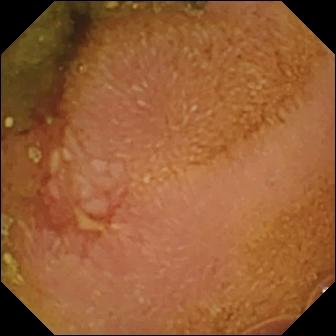modality: WCE; observation: erosion